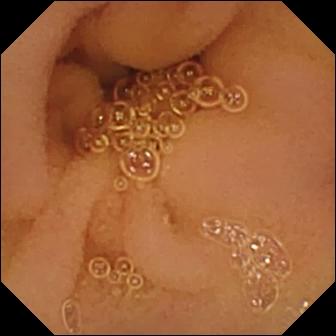WCE snapshot. Normal clean mucosa.